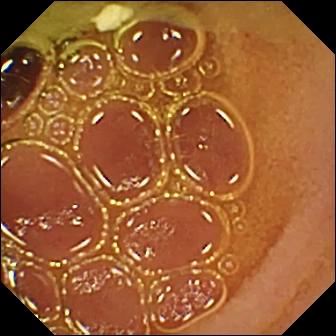Video capsule endoscopy snapshot (small intestine), 336×336. Normal clean mucosa.